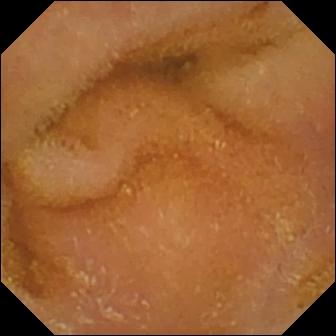Q: What does this VCE image of the small bowel show?
A: Normal clean mucosa.